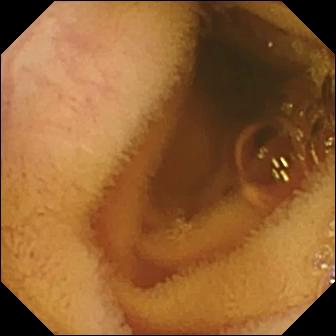Q: What does this video capsule endoscopy image of the small intestine show?
A: Normal clean mucosa.